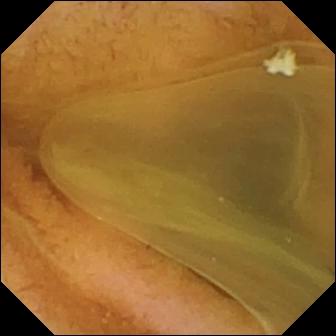VCE image of the small intestine showing normal clean mucosa.